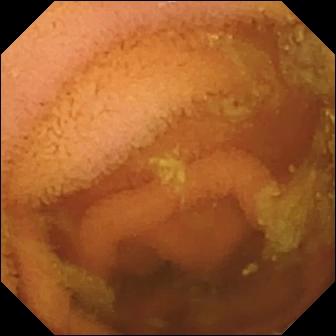Normal clean mucosa.